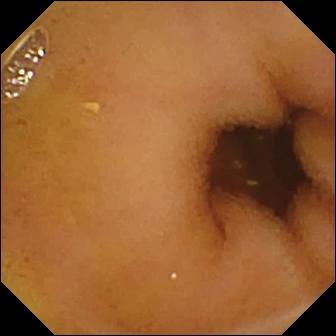Wireless capsule endoscopy still showing normal clean mucosa.